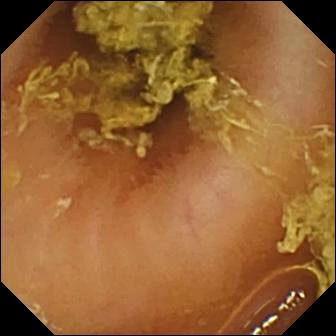{"modality": "capsule endoscopy", "finding": "normal clean mucosa"}